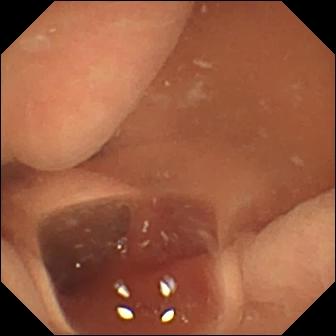modality: small-bowel capsule endoscopy | category: luminal finding | finding: normal clean mucosa